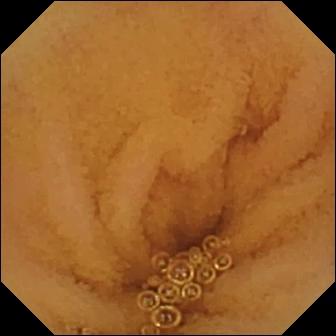VCE image of the small intestine showing normal clean mucosa.